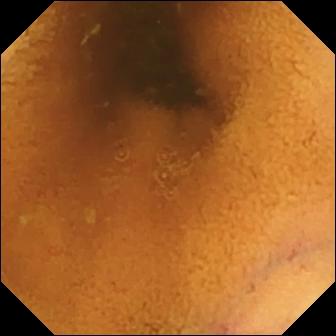Small-bowel capsule endoscopy frame. Normal clean mucosa.